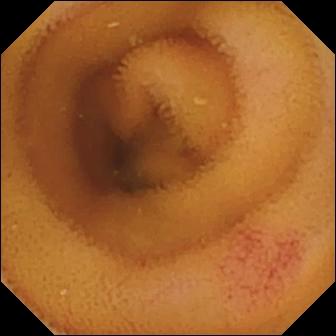Angiectasia — small-bowel capsule endoscopy still.